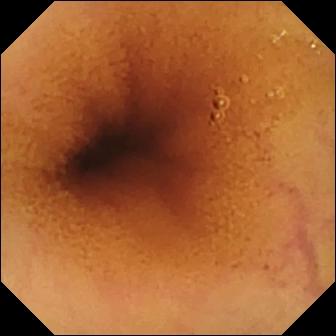Normal clean mucosa — wireless capsule endoscopy frame of the small intestine.